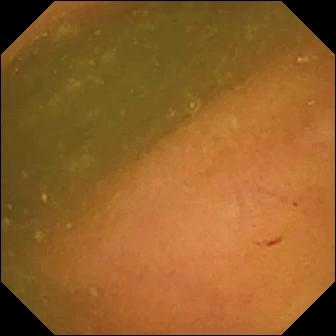Video capsule endoscopy still
Position: ileo-cecal valve region (where the capsule passes from the small bowel into the large bowel)